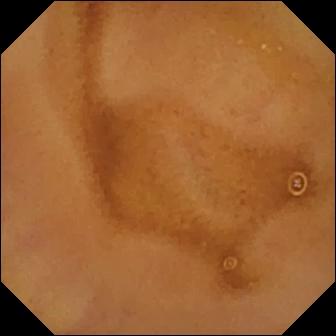This WCE frame shows normal clean mucosa.